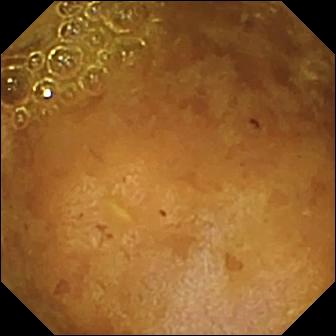This video capsule endoscopy view of the small intestine shows reduced mucosal view (content or bubbles obscuring the mucosa).